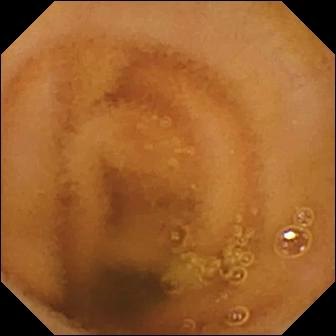{"modality": "VCE", "segment": "small intestine", "finding": "normal clean mucosa"}